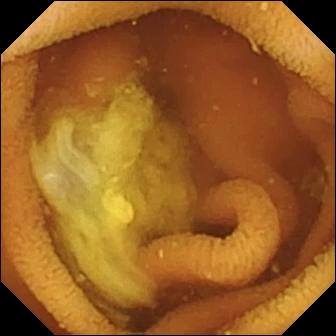Capsule endoscopy still, 336×336. Normal clean mucosa.